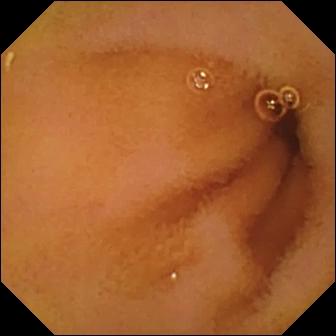PROCEDURE: Wireless capsule endoscopy.
FINDINGS: Normal clean mucosa.